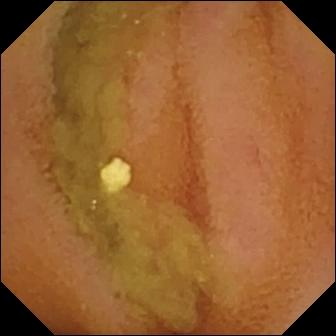Q: What does this VCE still of the small intestine show?
A: Normal clean mucosa.